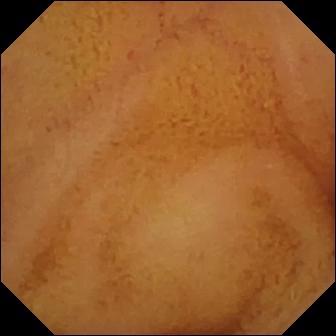Normal clean mucosa.